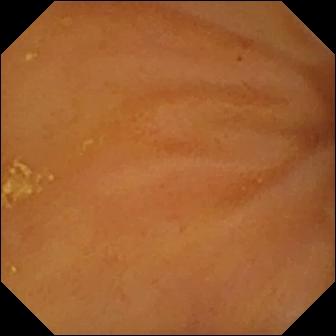Q: Where in the digestive tract was this capsule endoscopy still taken?
A: Ileo-cecal valve region (where the capsule passes from the small bowel into the large bowel).